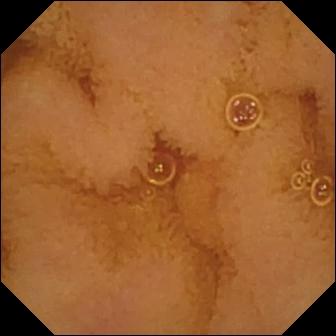- modality: small-bowel capsule endoscopy
- category: luminal finding
- finding: normal clean mucosa